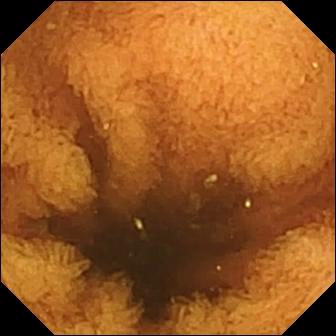Normal clean mucosa.